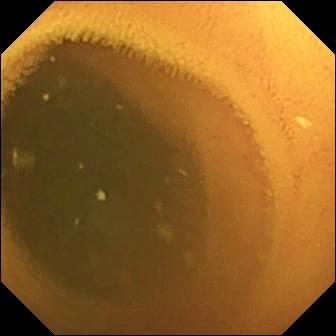Normal clean mucosa.